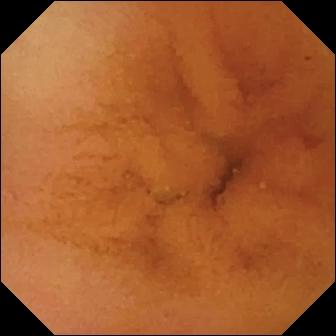This VCE frame of the small bowel shows normal clean mucosa.